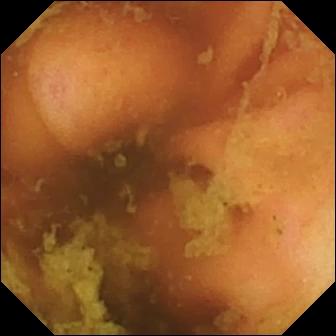Ileo-cecal valve region (where the capsule passes from the small bowel into the large bowel).